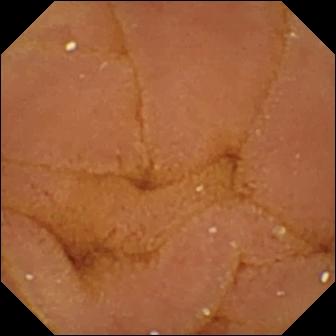Normal clean mucosa — VCE still of the small bowel.